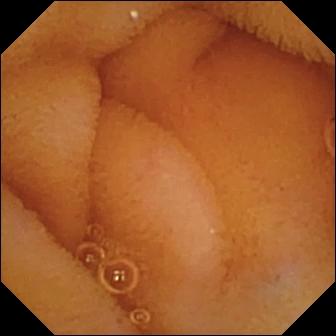Capsule endoscopy view. Normal clean mucosa.